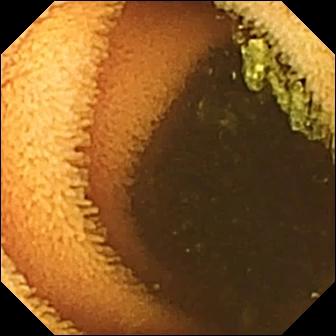PROCEDURE: Small-bowel capsule endoscopy.
SEGMENT: Small bowel.
FINDINGS: Normal clean mucosa.